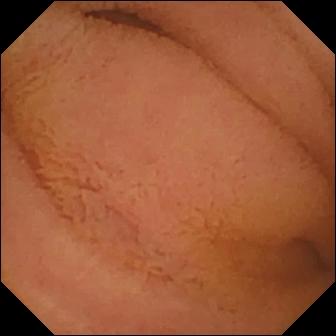VCE — normal clean mucosa.